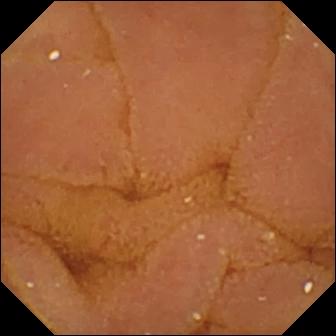Q: What does this WCE image of the small bowel show?
A: Normal clean mucosa.